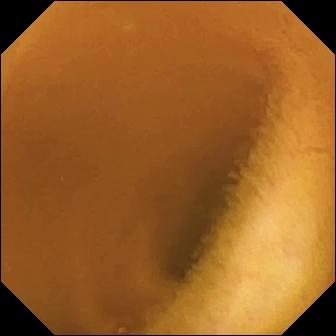WCE. Small bowel. Impression: normal clean mucosa.